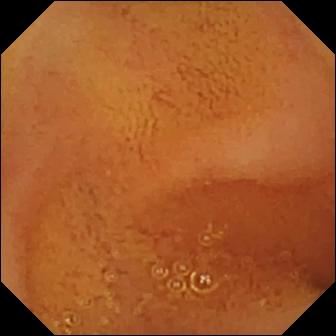This VCE frame of the small bowel shows normal clean mucosa.